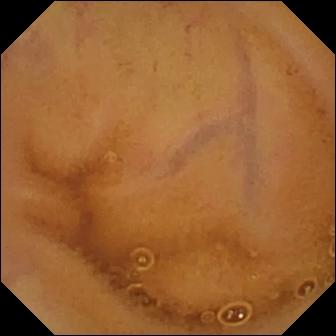- modality: WCE
- label: normal clean mucosa